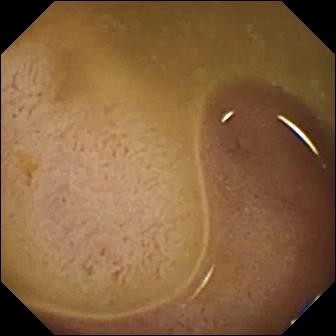{"modality": "VCE", "location": "ileo-cecal valve region"}